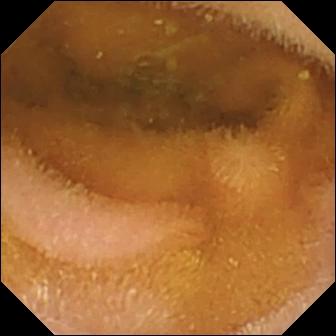WCE — normal clean mucosa.